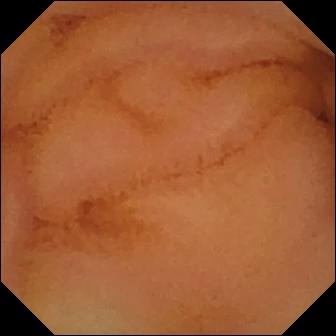Video capsule endoscopy snapshot, small intestine
Label: normal clean mucosa